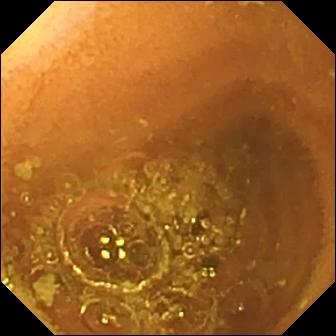- modality: VCE
- segment: small intestine
- category: luminal finding
- observation: normal clean mucosa